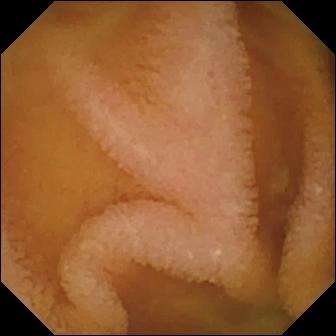Normal clean mucosa — VCE still.